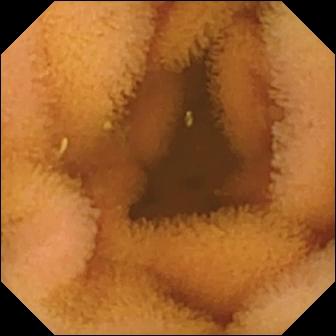modality: VCE
impression: normal clean mucosa